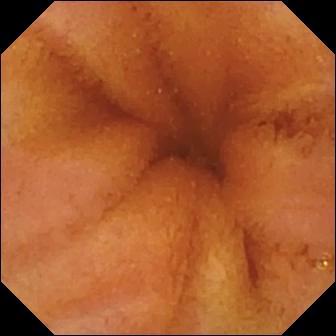modality: VCE
segment: small bowel
finding: normal clean mucosa